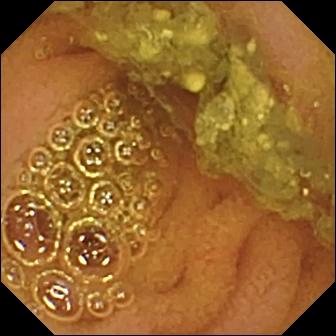PROCEDURE: Video capsule endoscopy.
FINDINGS: Normal clean mucosa.